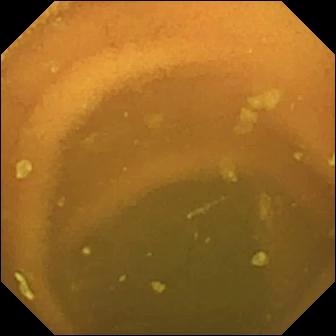modality: wireless capsule endoscopy
observation: normal clean mucosa